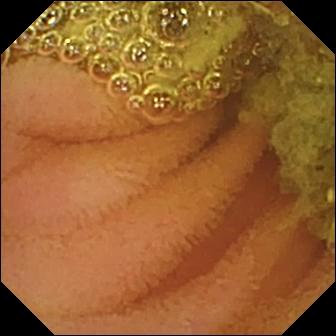Small-bowel capsule endoscopy. Impression: normal clean mucosa.